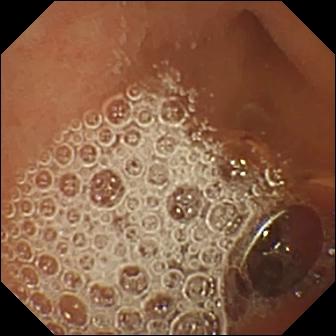modality: video capsule endoscopy
label: normal clean mucosa